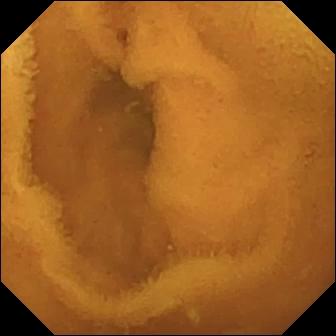Normal clean mucosa.